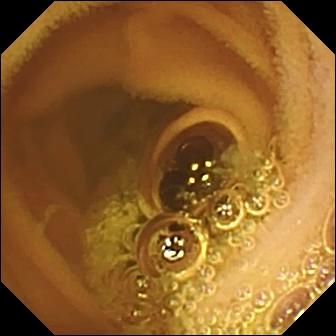Q: What does this VCE snapshot show?
A: Normal clean mucosa.